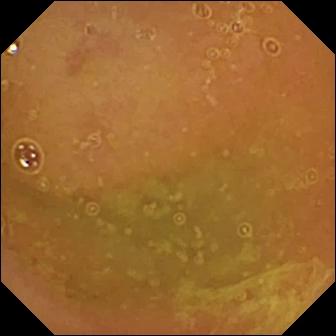PROCEDURE: VCE.
SEGMENT: Small intestine.
FINDINGS: Normal clean mucosa.